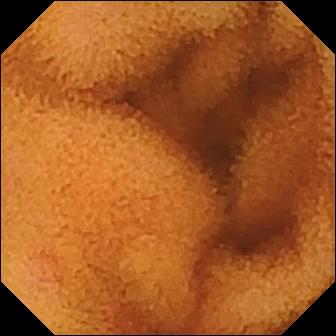Normal clean mucosa (336×336).